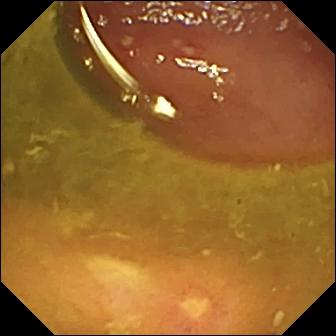- modality: VCE
- label: ulcer